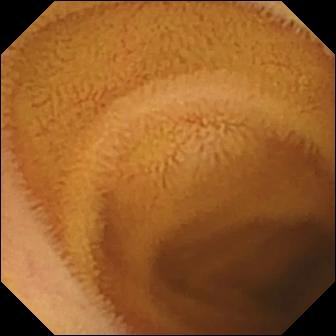VCE frame
Finding: normal clean mucosa